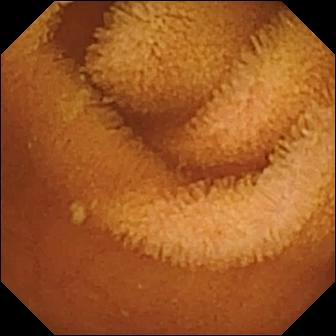modality: small-bowel capsule endoscopy; segment: small intestine; observation: normal clean mucosa